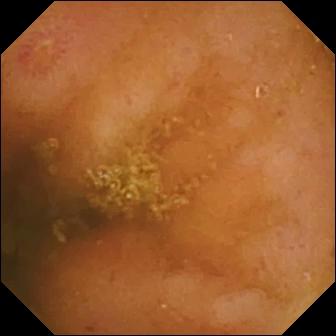VCE. Finding: ulcer.